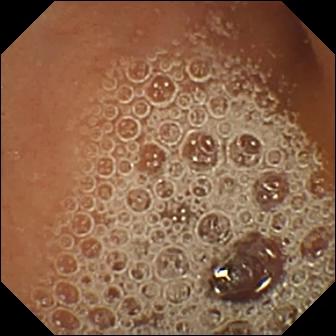WCE frame, 336×336. Normal clean mucosa.